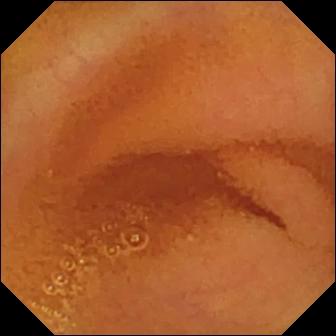modality: VCE; category: luminal finding; observation: normal clean mucosa